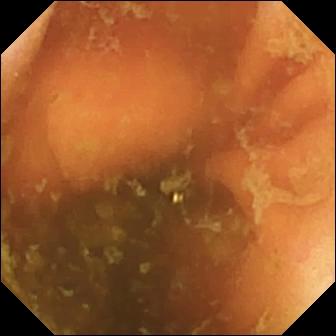Wireless capsule endoscopy view. Taken in the ileo-cecal valve region (where the capsule passes from the small bowel into the large bowel).